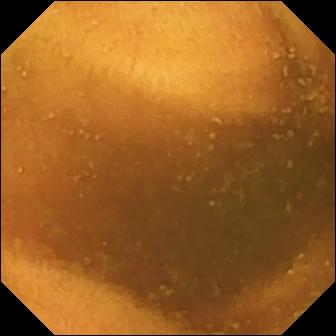This VCE frame of the small intestine shows normal clean mucosa.